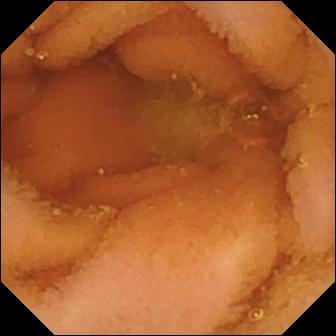Normal clean mucosa.